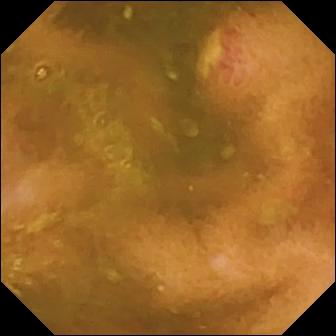Q: What does this capsule endoscopy image show?
A: Ulcer.